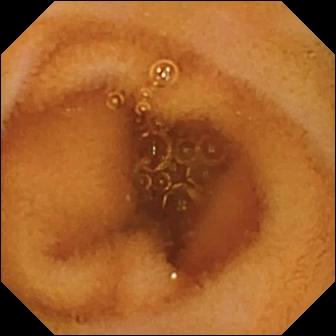VCE. Label: normal clean mucosa.